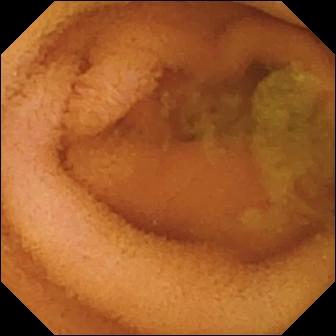Capsule endoscopy snapshot. Normal clean mucosa.